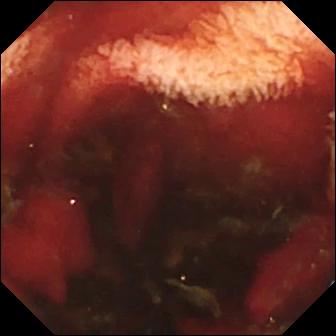- modality: small-bowel capsule endoscopy
- finding: fresh blood in the lumen